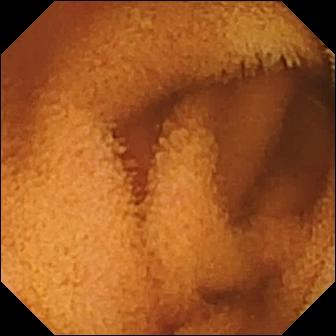Normal clean mucosa — capsule endoscopy still of the small bowel.